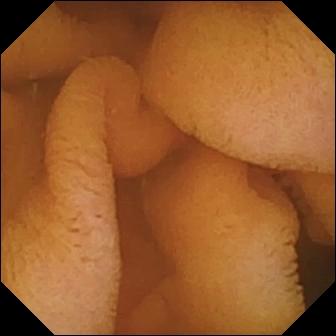WCE view, small bowel
Impression: normal clean mucosa